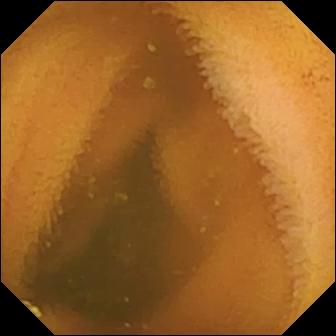modality: wireless capsule endoscopy
category: luminal finding
label: normal clean mucosa